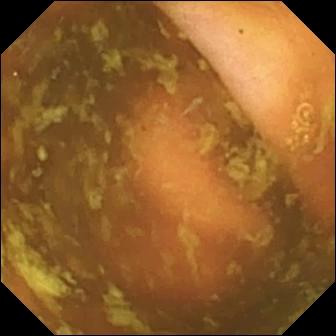- modality: wireless capsule endoscopy
- location: ileo-cecal valve region